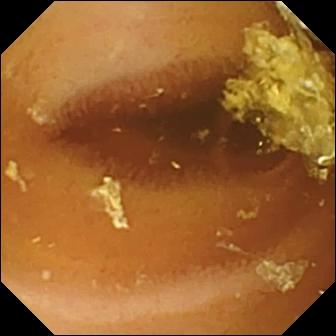Wireless capsule endoscopy. Luminal finding. Finding: normal clean mucosa.